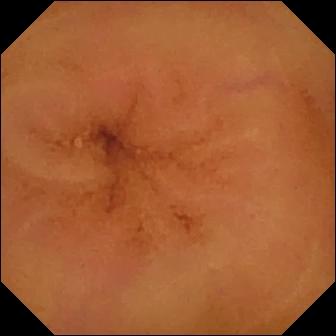{"modality": "video capsule endoscopy", "segment": "small intestine", "finding": "normal clean mucosa"}